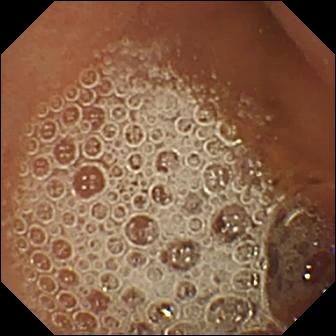Wireless capsule endoscopy view showing normal clean mucosa.